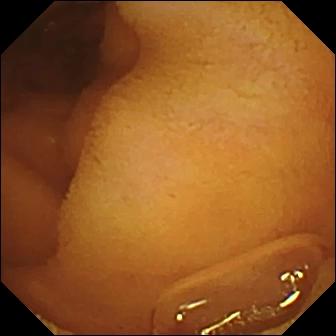Q: What does this capsule endoscopy snapshot show?
A: Normal clean mucosa.